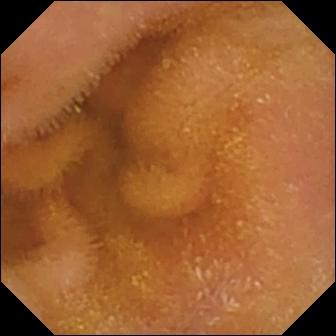PROCEDURE: Capsule endoscopy.
SEGMENT: Small bowel.
FINDINGS: Normal clean mucosa.